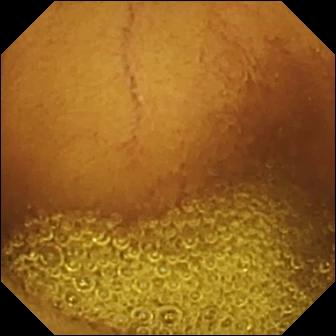Normal clean mucosa — VCE still of the small bowel.